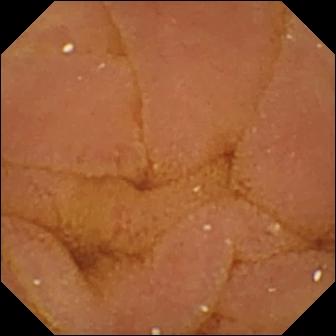Normal clean mucosa — wireless capsule endoscopy frame.